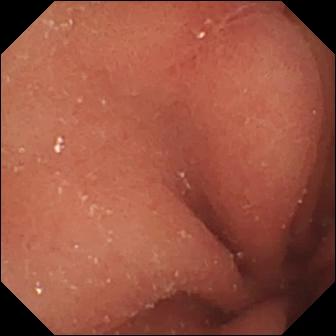WCE — erosion.